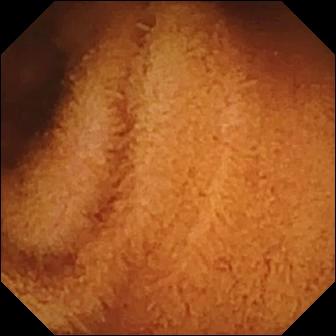Capsule endoscopy. Small bowel. Finding: normal clean mucosa.